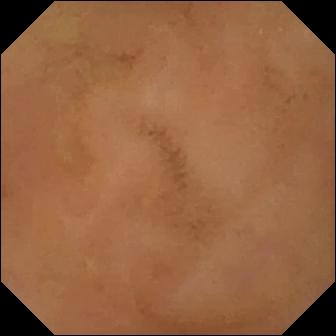Capsule endoscopy. Small intestine. Impression: normal clean mucosa.